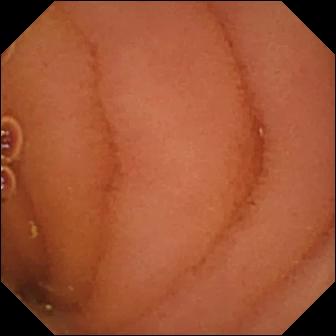modality: small-bowel capsule endoscopy; segment: small bowel; category: luminal finding; impression: normal clean mucosa